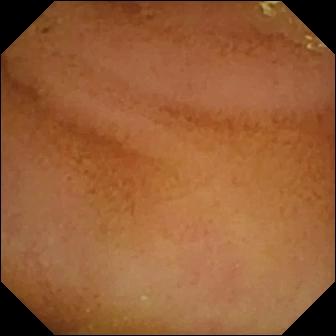VCE. Luminal finding. Finding: normal clean mucosa.